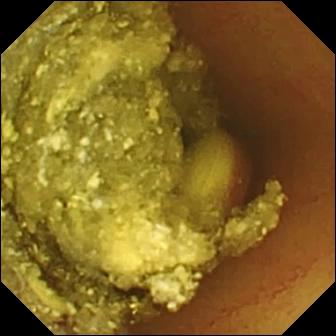{"modality": "VCE", "finding": "foreign body (e.g. retained capsule, tablet residue)"}